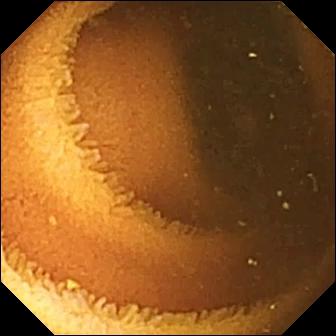This wireless capsule endoscopy image of the small intestine shows normal clean mucosa.